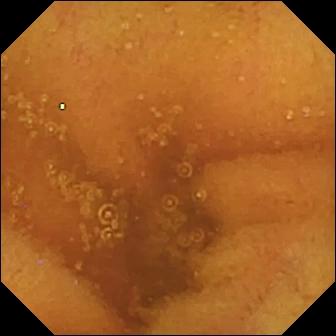Small-bowel capsule endoscopy image
Observation: normal clean mucosa